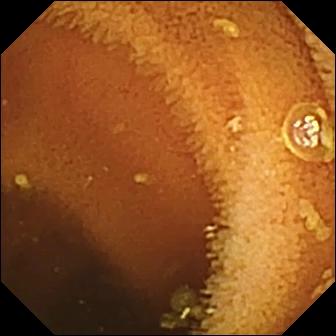PROCEDURE: Video capsule endoscopy.
SEGMENT: Small intestine.
FINDINGS: Normal clean mucosa.